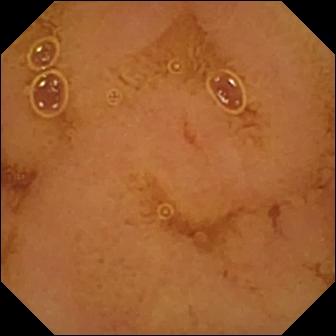Video capsule endoscopy frame, small bowel
Observation: normal clean mucosa